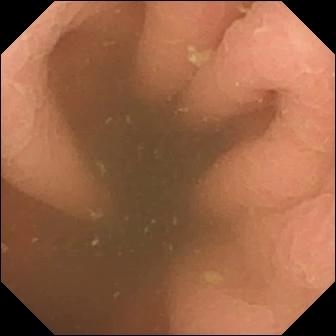- modality: capsule endoscopy
- location: pylorus region (where the capsule passes from the stomach into the small bowel)